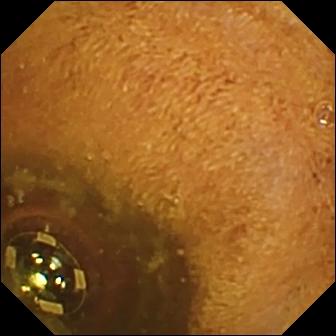WCE still showing foreign body (e.g. retained capsule, tablet residue).